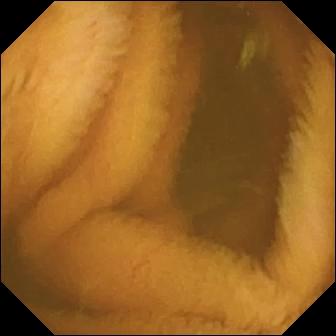Video capsule endoscopy — normal clean mucosa.